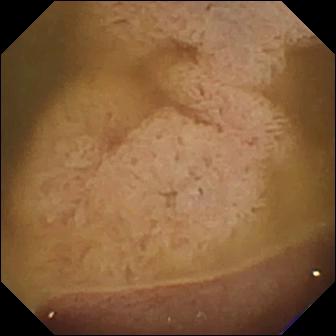Ileo-cecal valve region — VCE view.